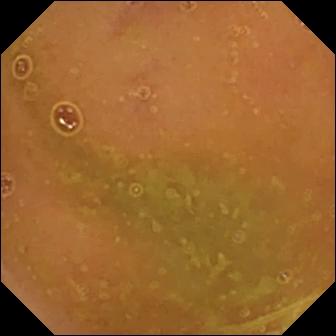VCE snapshot showing normal clean mucosa.